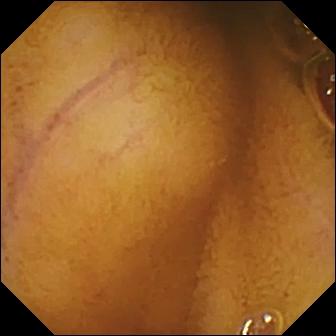Video capsule endoscopy image (small intestine). Normal clean mucosa.